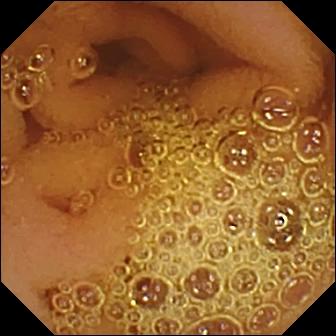WCE snapshot. Normal clean mucosa.